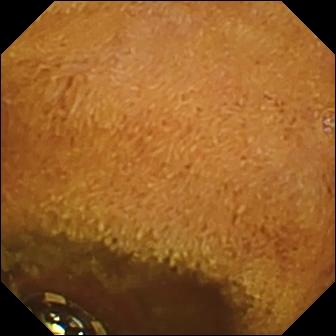PROCEDURE: Video capsule endoscopy.
FINDINGS: Foreign body (e.g. retained capsule, tablet residue).